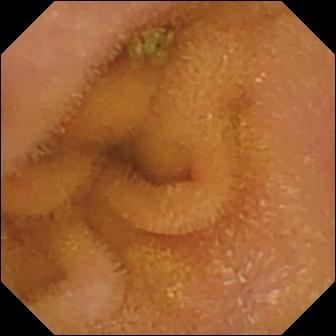PROCEDURE: VCE.
FINDINGS: Normal clean mucosa.